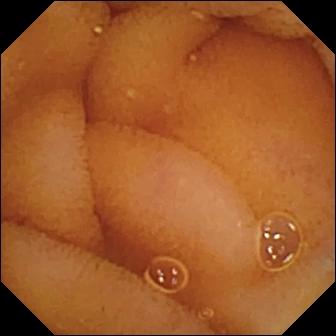Video capsule endoscopy still of the small intestine showing normal clean mucosa.